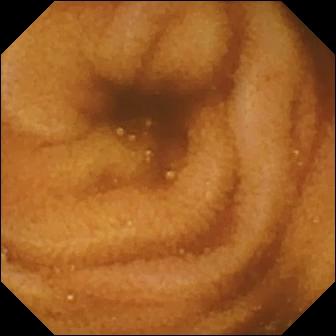- modality: capsule endoscopy
- category: luminal finding
- finding: normal clean mucosa